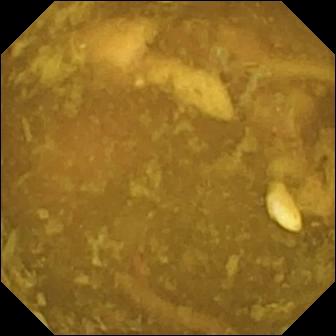- modality: video capsule endoscopy
- segment: small intestine
- finding: reduced mucosal view (content or bubbles obscuring the mucosa)